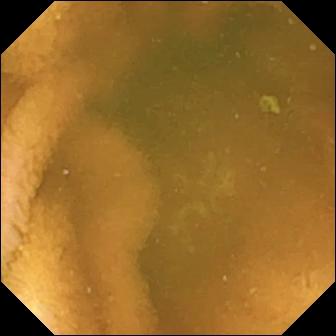{"modality": "WCE", "category": "luminal finding", "finding": "normal clean mucosa"}